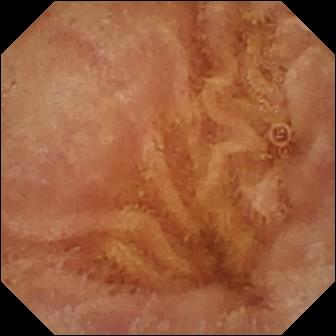modality: capsule endoscopy | segment: small intestine | label: normal clean mucosa